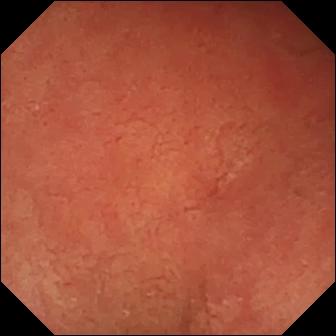Pylorus region — VCE snapshot.